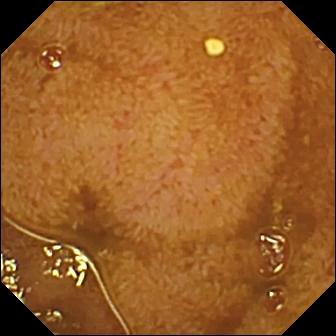- modality: capsule endoscopy
- video segment: ileo-cecal valve region (where the capsule passes from the small bowel into the large bowel)